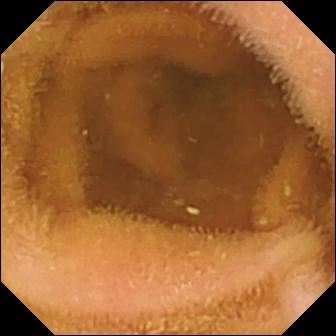- modality: capsule endoscopy
- label: normal clean mucosa